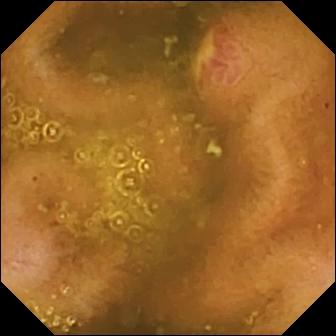VCE frame showing ulcer.